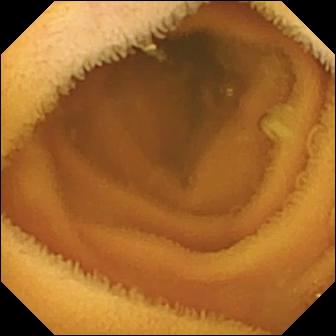PROCEDURE: Small-bowel capsule endoscopy.
SEGMENT: Small intestine.
FINDINGS: Normal clean mucosa.